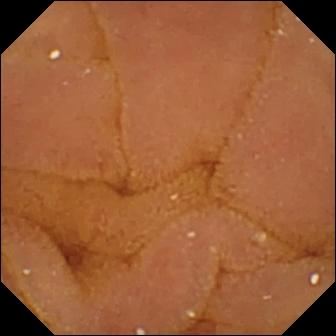Wireless capsule endoscopy snapshot, small bowel
Finding: normal clean mucosa